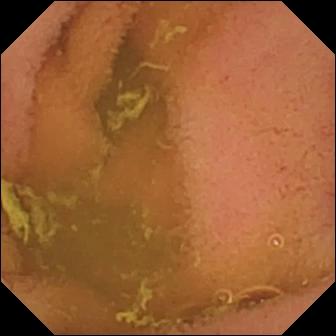modality: WCE | finding: normal clean mucosa